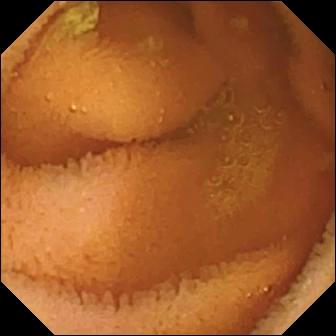Q: What does this small-bowel capsule endoscopy view of the small intestine show?
A: Normal clean mucosa.